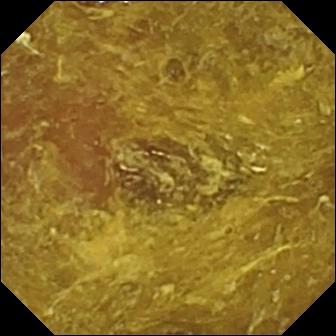PROCEDURE: Video capsule endoscopy.
SEGMENT: Small bowel.
FINDINGS: Reduced mucosal view (content or bubbles obscuring the mucosa).